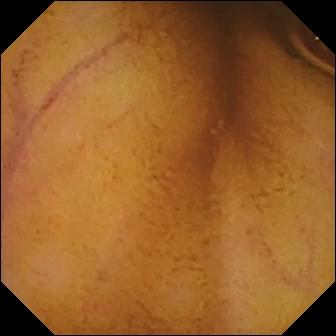Normal clean mucosa.